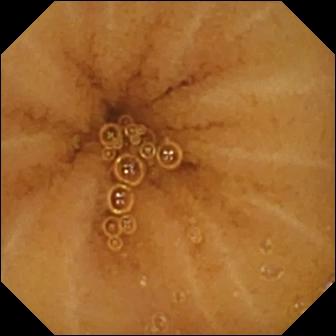WCE image
Impression: normal clean mucosa